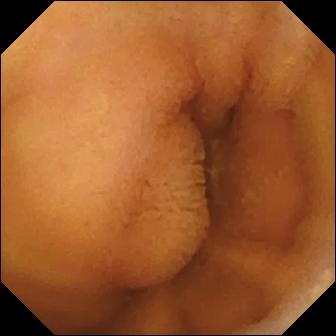- modality: VCE
- segment: small intestine
- label: normal clean mucosa